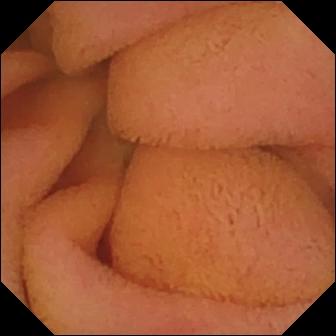WCE. Luminal finding. Label: normal clean mucosa.